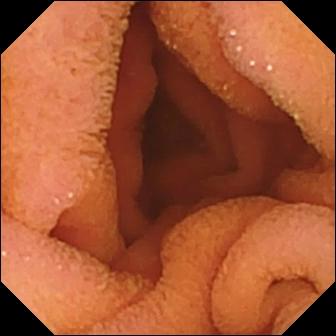Capsule endoscopy image (small bowel), 336×336. Normal clean mucosa.